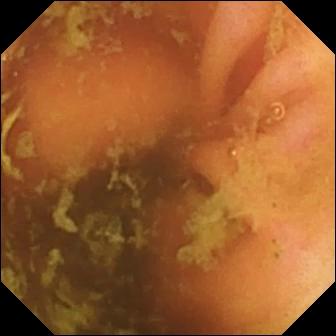Ileo-cecal valve region — wireless capsule endoscopy frame.